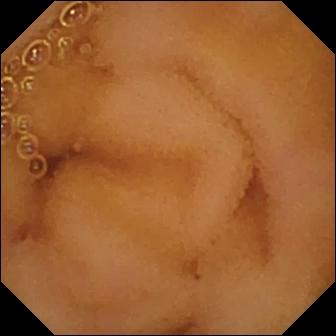- modality: small-bowel capsule endoscopy
- segment: small intestine
- impression: normal clean mucosa